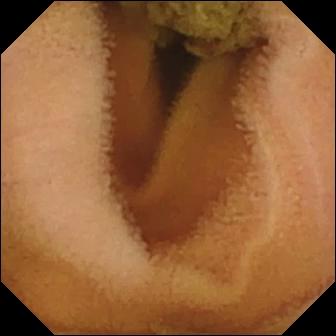Small-bowel capsule endoscopy snapshot, small bowel
Finding: normal clean mucosa